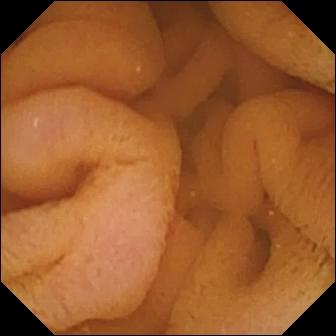Normal clean mucosa.